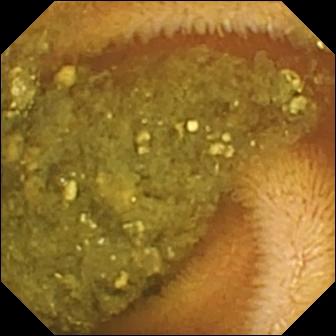VCE frame of the small intestine showing reduced mucosal view (content or bubbles obscuring the mucosa).